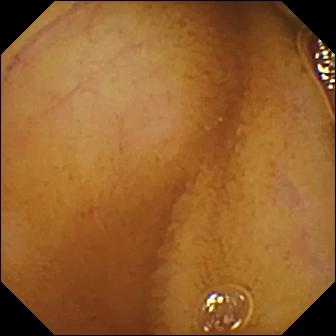Wireless capsule endoscopy frame, small bowel
Impression: normal clean mucosa